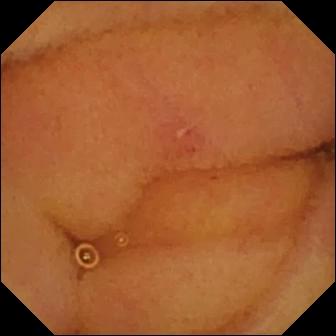Capsule endoscopy view, 336×336. Erosion.